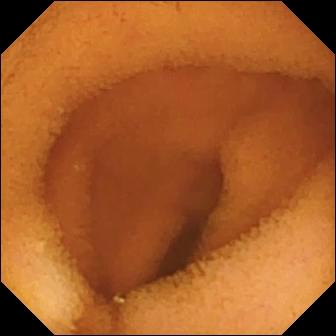Capsule endoscopy frame of the small intestine showing normal clean mucosa.